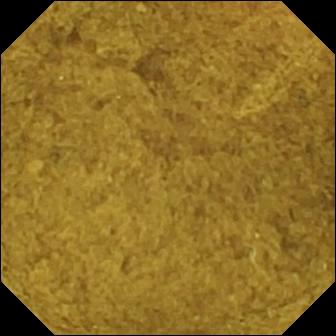VCE still
Video segment: ileo-cecal valve region (where the capsule passes from the small bowel into the large bowel)